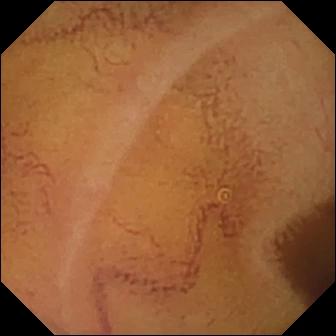modality: WCE; segment: small bowel; impression: normal clean mucosa